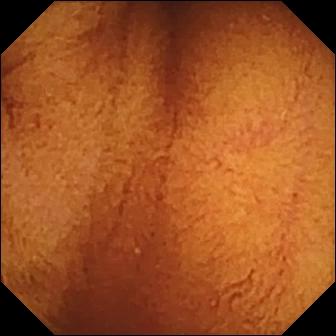modality: video capsule endoscopy; category: luminal finding; label: normal clean mucosa